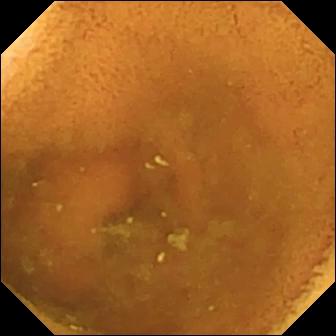WCE. Observation: normal clean mucosa.